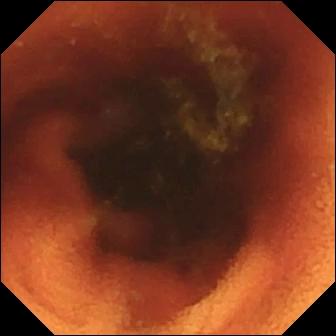Small-bowel capsule endoscopy view. Taken in the ileo-cecal valve region.